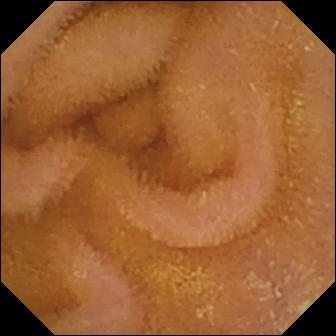modality: wireless capsule endoscopy; segment: small intestine; label: normal clean mucosa